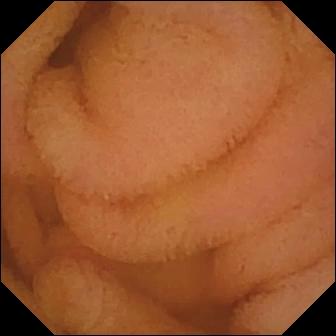This capsule endoscopy image of the small bowel shows normal clean mucosa.